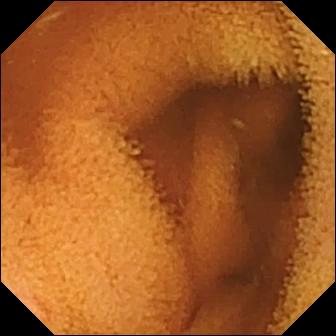WCE — normal clean mucosa.